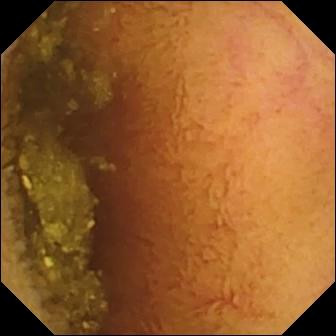Wireless capsule endoscopy frame showing normal clean mucosa.